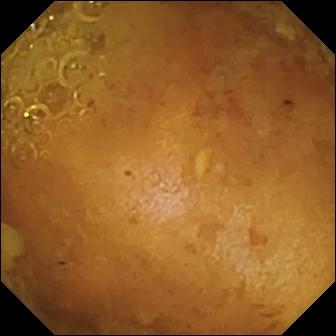Small-bowel capsule endoscopy snapshot (small bowel). Reduced mucosal view (content or bubbles obscuring the mucosa).